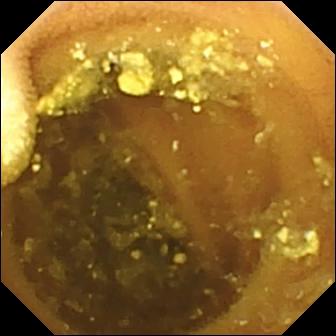Capsule endoscopy. Observation: lymphangiectasia.